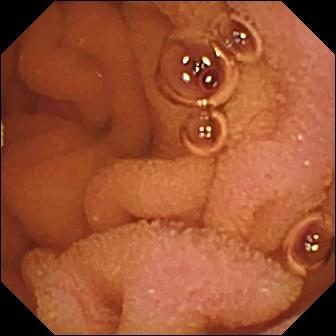VCE view showing normal clean mucosa.